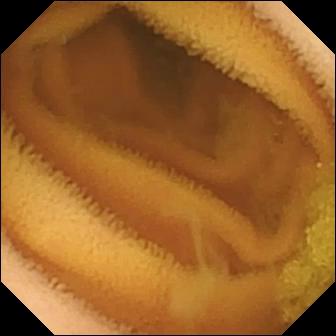{"modality": "video capsule endoscopy", "finding": "normal clean mucosa"}